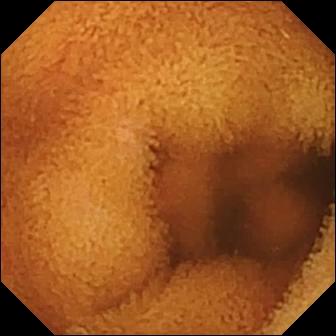Normal clean mucosa — small-bowel capsule endoscopy snapshot.